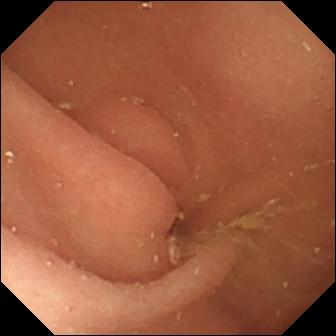{"modality": "VCE", "position": "pylorus region (where the capsule passes from the stomach into the small bowel)"}